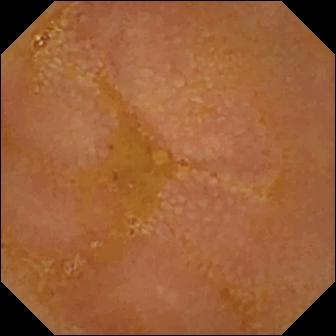WCE snapshot (small intestine), 336×336. Reduced mucosal view (content or bubbles obscuring the mucosa).